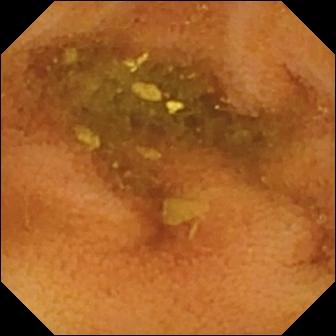- modality: WCE
- segment: small bowel
- observation: normal clean mucosa